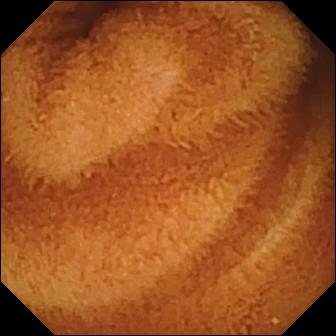Q: What does this capsule endoscopy image of the small bowel show?
A: Normal clean mucosa.